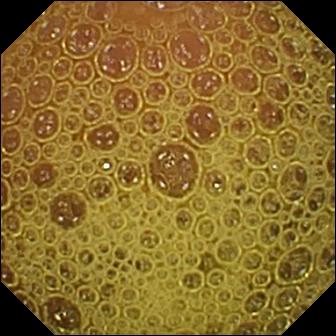Q: What does this VCE view of the small intestine show?
A: Normal clean mucosa.